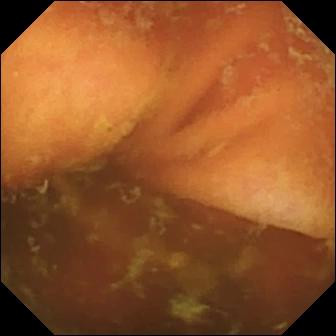Ileo-cecal valve region — capsule endoscopy image.